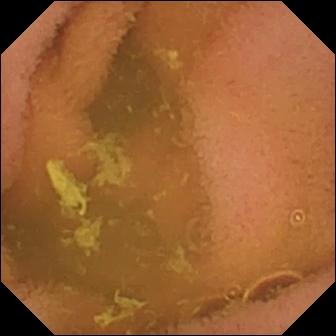PROCEDURE: Wireless capsule endoscopy.
SEGMENT: Small intestine.
FINDINGS: Normal clean mucosa.